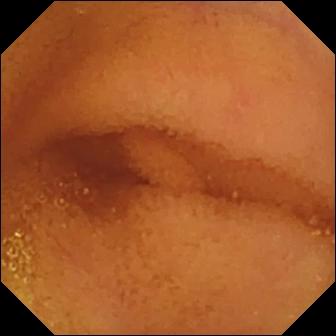PROCEDURE: VCE.
SEGMENT: Small bowel.
FINDINGS: Normal clean mucosa.